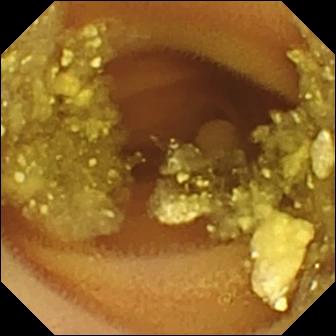VCE frame. Lymphangiectasia.